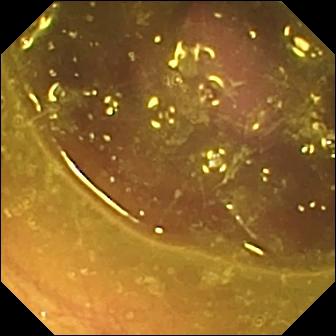WCE — reduced mucosal view (content or bubbles obscuring the mucosa).